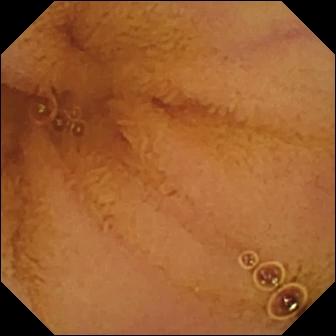Normal clean mucosa — WCE frame of the small intestine.